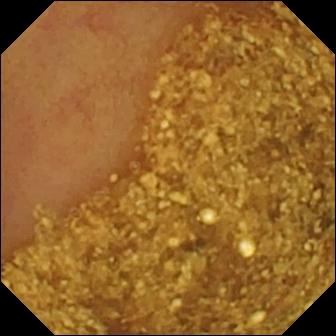Ileo-cecal valve region.